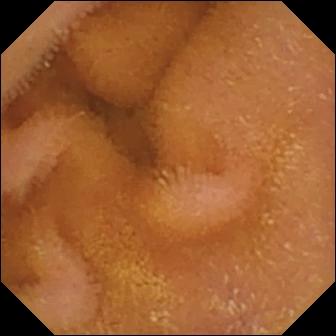VCE view showing normal clean mucosa.